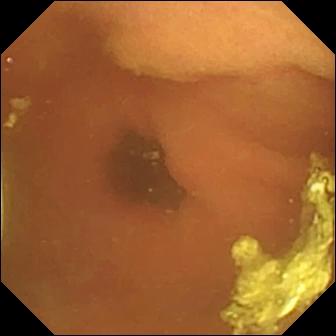{"modality": "small-bowel capsule endoscopy", "category": "luminal finding", "finding": "foreign body (e.g. retained capsule, tablet residue)"}